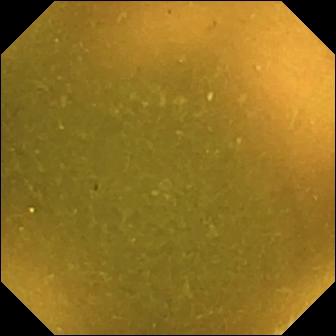Wireless capsule endoscopy image taken in the ileo-cecal valve region (the transition from the small bowel to the large bowel).